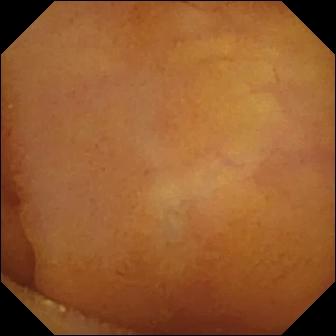This capsule endoscopy view shows normal clean mucosa.